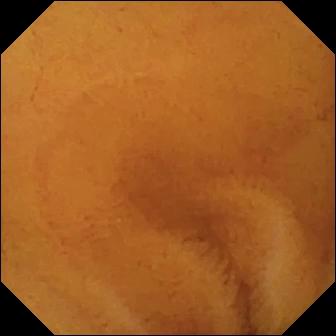Normal clean mucosa.